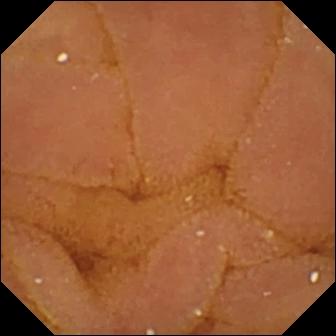- modality: small-bowel capsule endoscopy
- segment: small intestine
- category: luminal finding
- observation: normal clean mucosa